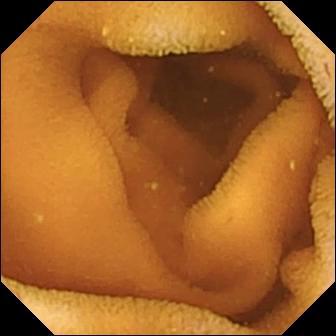VCE frame (small intestine), 336×336. Normal clean mucosa.